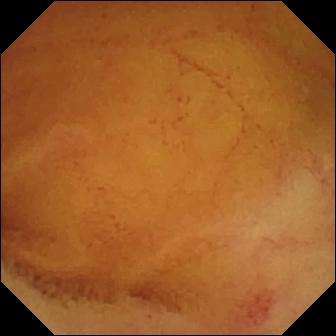Angiectasia — wireless capsule endoscopy frame.